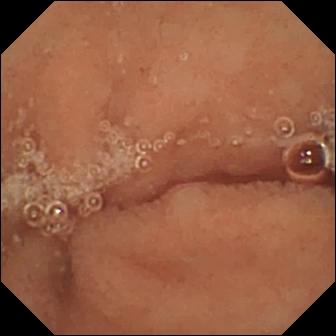- modality: video capsule endoscopy
- impression: normal clean mucosa